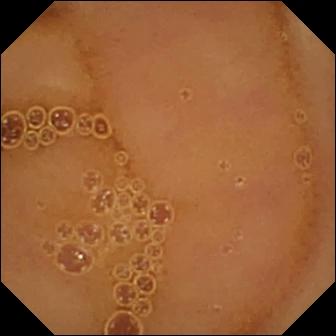Small-bowel capsule endoscopy — normal clean mucosa.